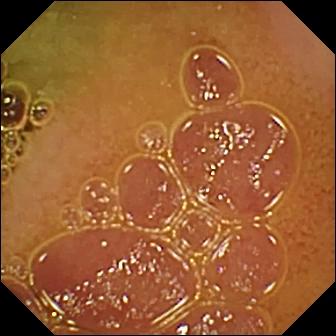Normal clean mucosa — VCE snapshot of the small intestine.